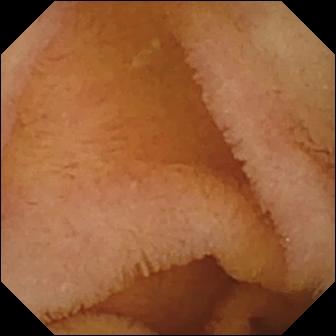WCE view. Normal clean mucosa.